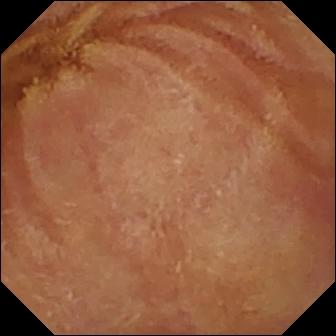Small-bowel capsule endoscopy snapshot of the small bowel showing normal clean mucosa.